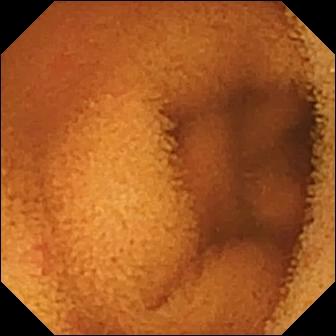Capsule endoscopy image (small intestine). Normal clean mucosa.